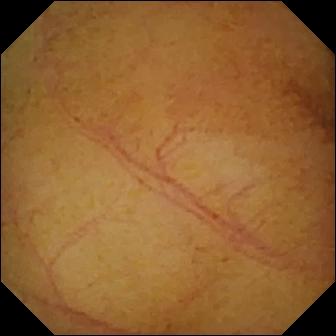Video capsule endoscopy — normal clean mucosa.